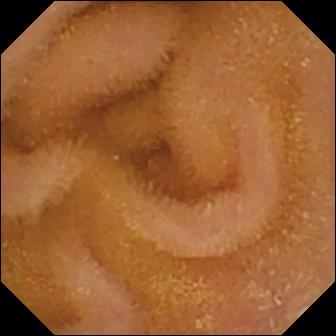Normal clean mucosa (336×336).